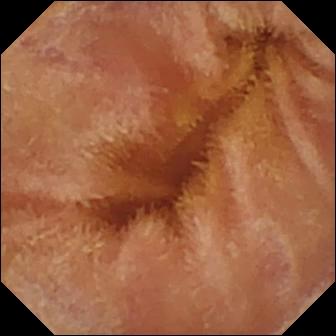Q: What does this VCE image show?
A: Normal clean mucosa.